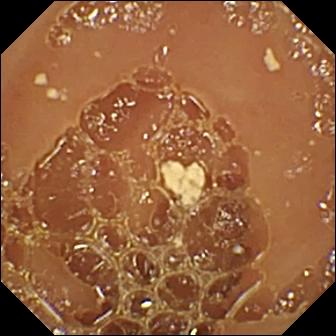Q: What does this WCE frame show?
A: Normal clean mucosa.